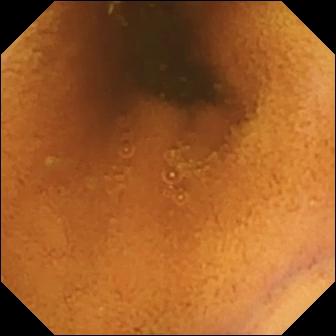Normal clean mucosa (336×336).